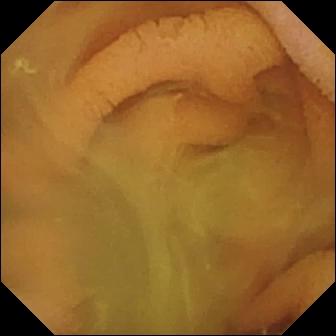Normal clean mucosa — VCE still of the small intestine.